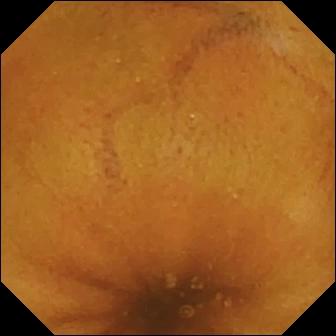Normal clean mucosa — capsule endoscopy view.